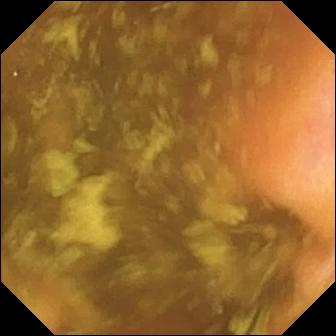Video capsule endoscopy. Video segment: ileo-cecal valve region.